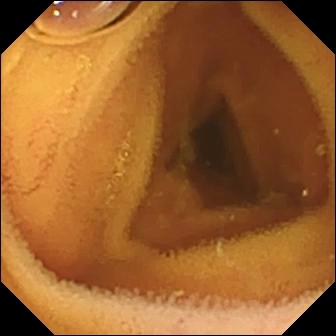WCE still. Normal clean mucosa.